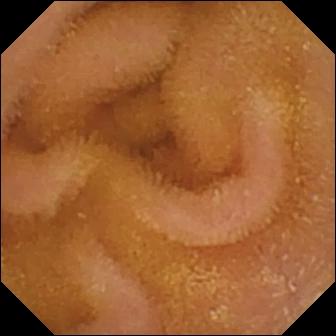Normal clean mucosa.